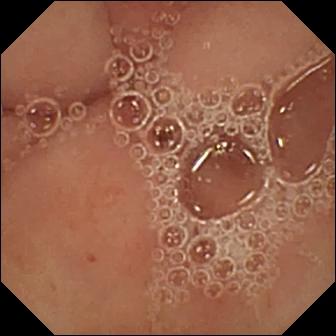- modality: wireless capsule endoscopy
- video segment: pylorus region